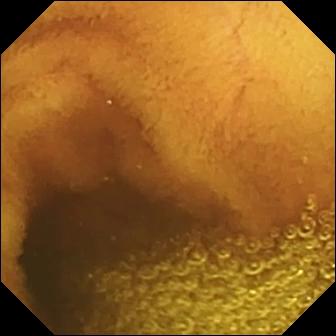- modality: video capsule endoscopy
- finding: normal clean mucosa